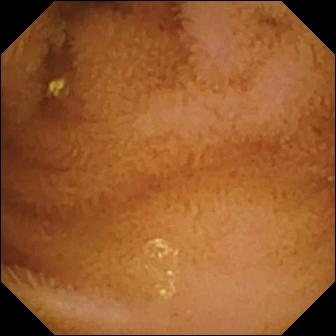modality: wireless capsule endoscopy | segment: small intestine | impression: normal clean mucosa